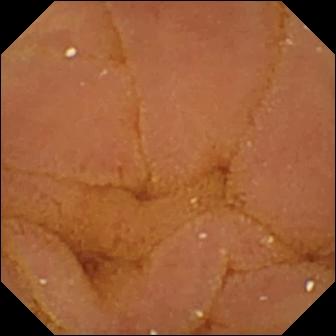VCE. Luminal finding. Impression: normal clean mucosa.